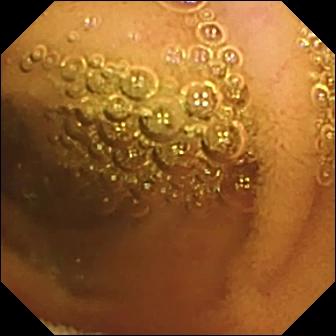Capsule endoscopy. Small bowel. Finding: normal clean mucosa.